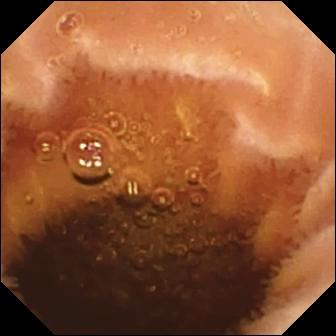WCE view of the small intestine showing normal clean mucosa.